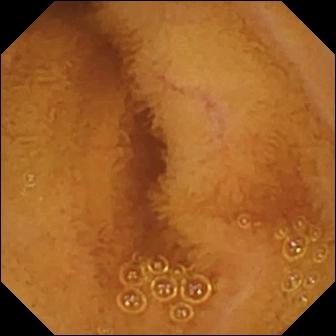- modality: WCE
- segment: small intestine
- impression: normal clean mucosa